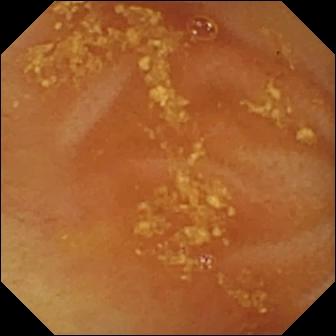Video capsule endoscopy frame
Location: ileo-cecal valve region